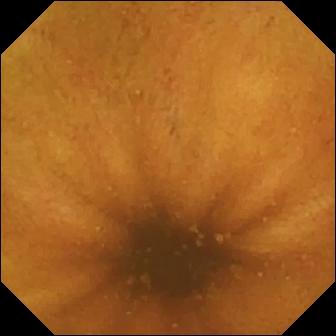Small-bowel capsule endoscopy view (small bowel), 336×336. Normal clean mucosa.